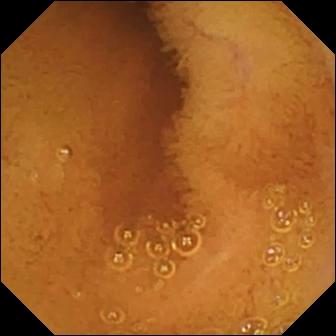Video capsule endoscopy — normal clean mucosa.